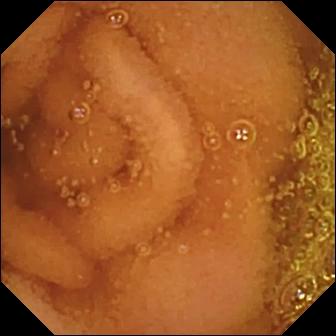- modality: VCE
- segment: small intestine
- category: luminal finding
- finding: normal clean mucosa